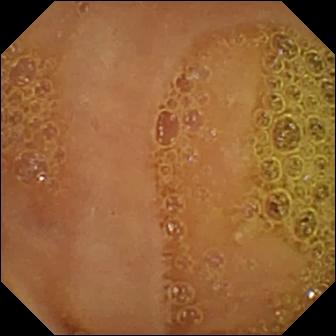Normal clean mucosa.